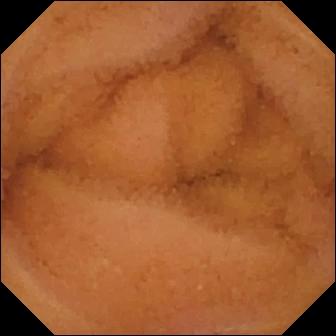Normal clean mucosa — video capsule endoscopy still of the small bowel.